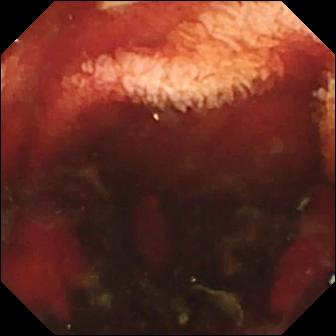Capsule endoscopy — fresh blood in the lumen.